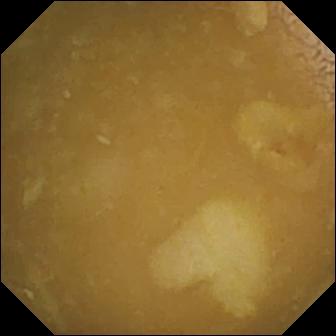{"modality": "wireless capsule endoscopy", "video_segment": "ileo-cecal valve region"}